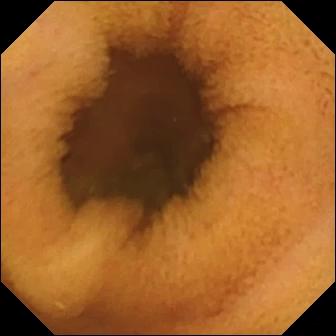Normal clean mucosa — capsule endoscopy still of the small intestine.